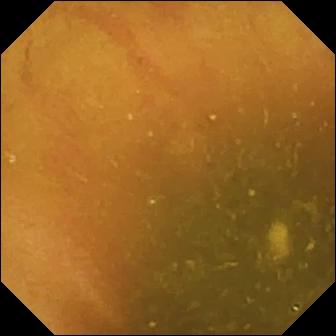VCE. Position: ileo-cecal valve region (the transition from the small bowel to the large bowel).